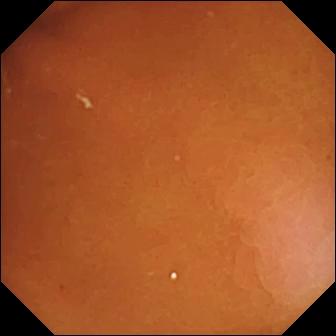PROCEDURE: Small-bowel capsule endoscopy.
LABEL: Pylorus region (where the capsule passes from the stomach into the small bowel).